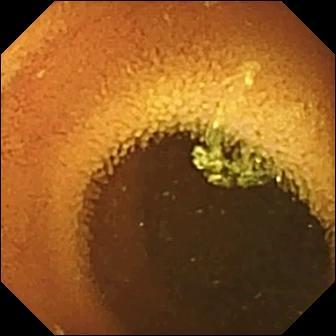This small-bowel capsule endoscopy frame of the small bowel shows normal clean mucosa.